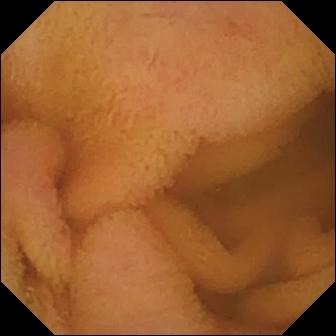WCE image (small bowel). Normal clean mucosa.